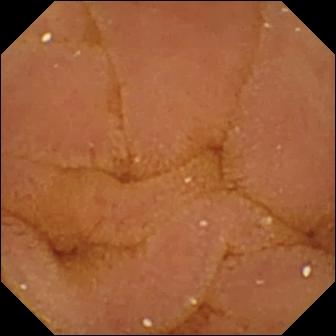PROCEDURE: Capsule endoscopy.
SEGMENT: Small intestine.
FINDINGS: Normal clean mucosa.